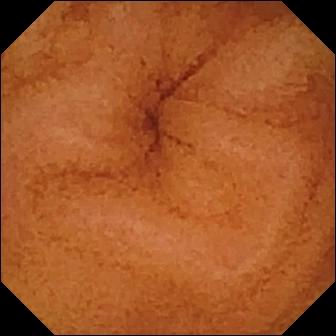Small-bowel capsule endoscopy view
Label: normal clean mucosa